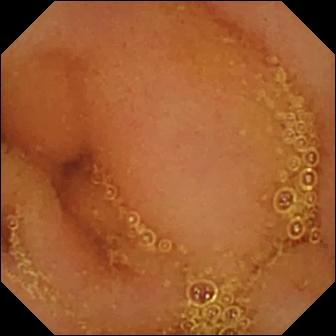VCE still. Normal clean mucosa.